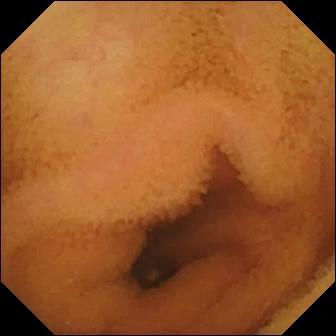This WCE image of the small bowel shows normal clean mucosa.